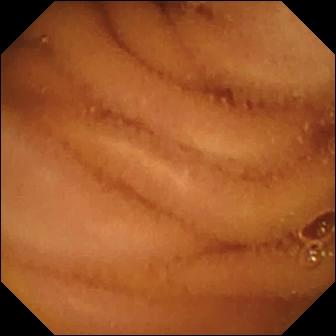- modality: capsule endoscopy
- category: luminal finding
- finding: normal clean mucosa